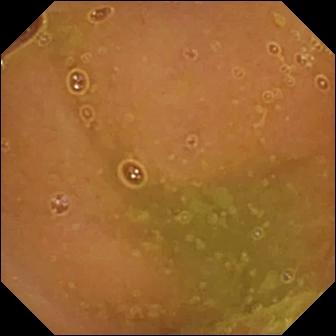- modality: capsule endoscopy
- finding: normal clean mucosa